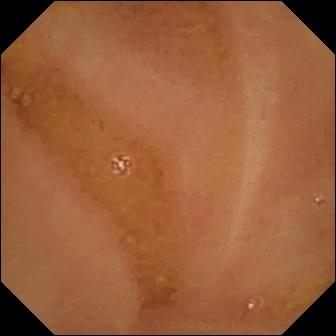WCE image showing normal clean mucosa.